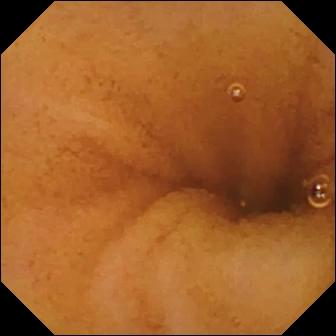modality: video capsule endoscopy | segment: small intestine | impression: normal clean mucosa